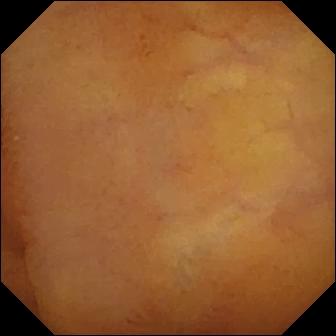Capsule endoscopy snapshot (small intestine). Normal clean mucosa.